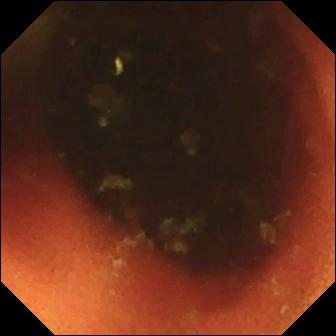PROCEDURE: Wireless capsule endoscopy.
POSITION: Ileo-cecal valve region (the transition from the small bowel to the large bowel).